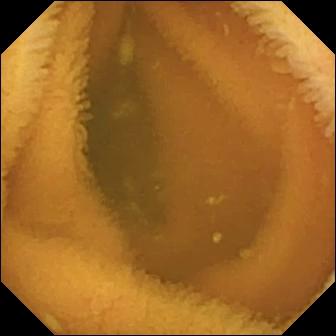Capsule endoscopy view (small intestine), 336×336. Normal clean mucosa.